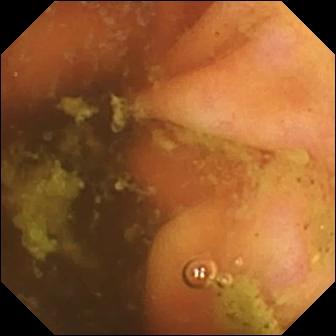Small-bowel capsule endoscopy — ileo-cecal valve region (the transition from the small bowel to the large bowel).